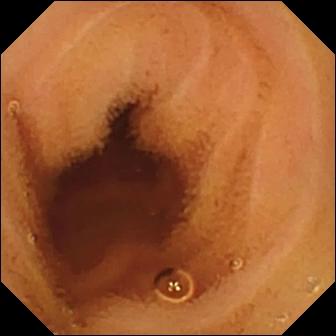Normal clean mucosa.